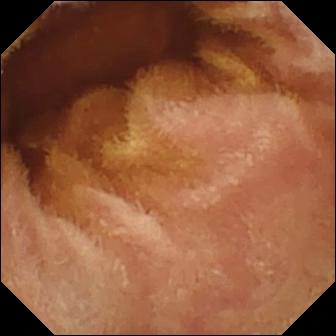- modality: small-bowel capsule endoscopy
- observation: normal clean mucosa